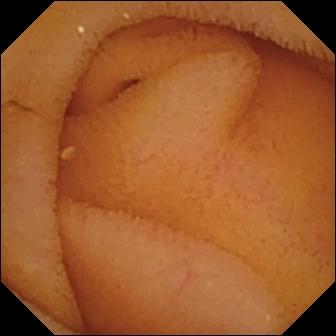Capsule endoscopy still of the small intestine showing normal clean mucosa.